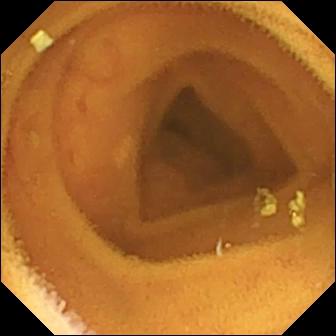Normal clean mucosa.